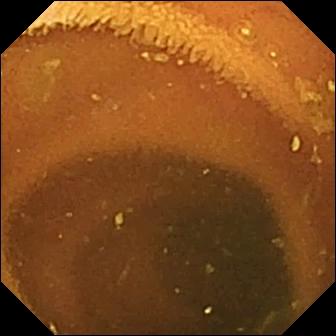modality: small-bowel capsule endoscopy
category: luminal finding
label: normal clean mucosa